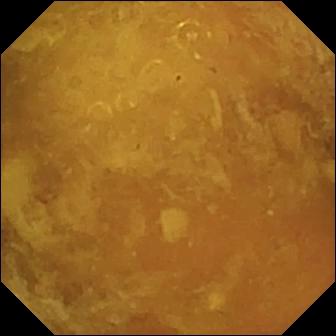modality: small-bowel capsule endoscopy | label: reduced mucosal view (content or bubbles obscuring the mucosa)